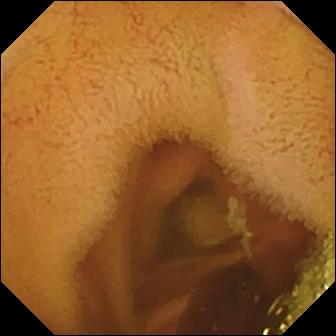PROCEDURE: Video capsule endoscopy.
SEGMENT: Small bowel.
FINDINGS: Normal clean mucosa.